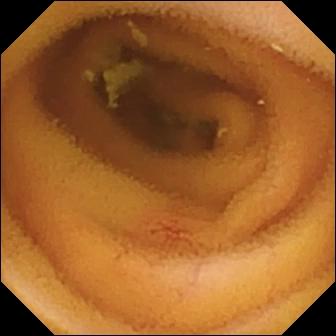Capsule endoscopy image
Observation: angiectasia